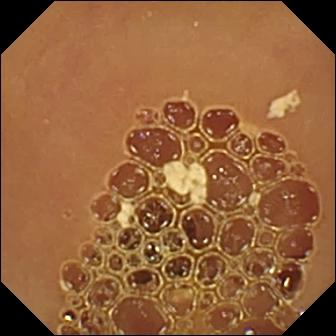- modality: video capsule endoscopy
- category: luminal finding
- label: normal clean mucosa